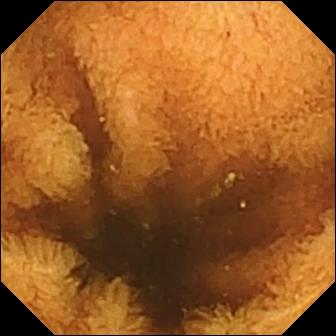Video capsule endoscopy. Luminal finding. Impression: normal clean mucosa.